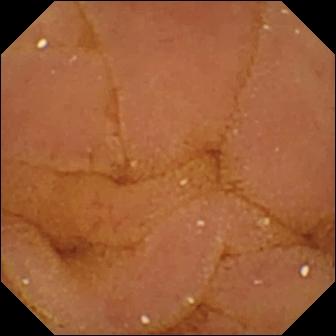modality: VCE | segment: small bowel | impression: normal clean mucosa